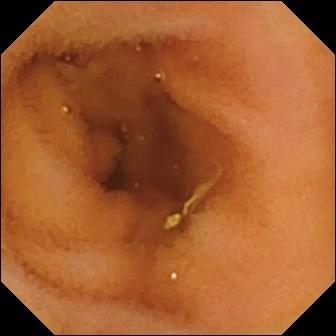Video capsule endoscopy image, small bowel
Label: normal clean mucosa